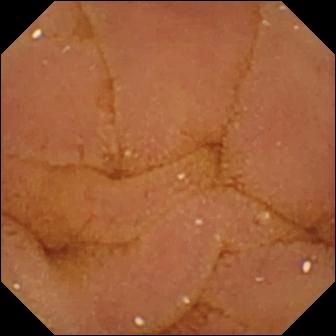- modality: capsule endoscopy
- segment: small intestine
- label: normal clean mucosa